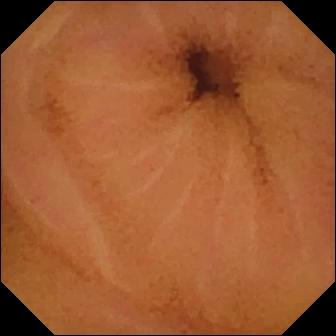Q: What does this WCE frame show?
A: Normal clean mucosa.